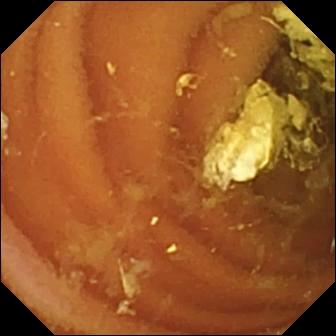Normal clean mucosa.